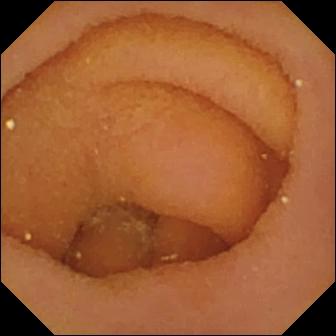PROCEDURE: Capsule endoscopy.
VIDEO SEGMENT: Pylorus region (where the capsule passes from the stomach into the small bowel).